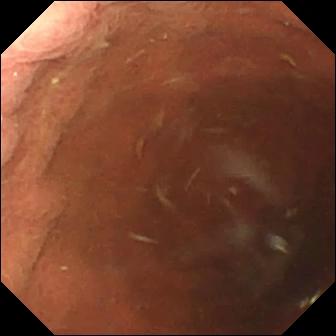PROCEDURE: Video capsule endoscopy.
VIDEO SEGMENT: Pylorus region (where the capsule passes from the stomach into the small bowel).